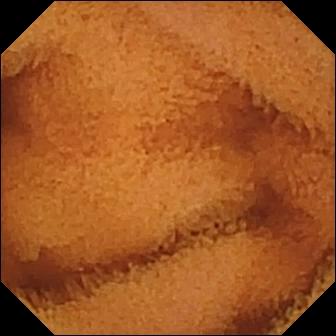PROCEDURE: Video capsule endoscopy.
FINDINGS: Normal clean mucosa.